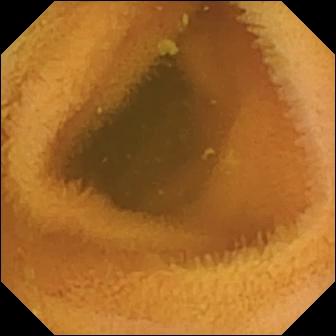Video capsule endoscopy. Small bowel. Finding: normal clean mucosa.